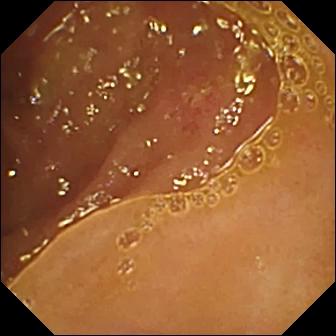VCE frame
Observation: ulcer